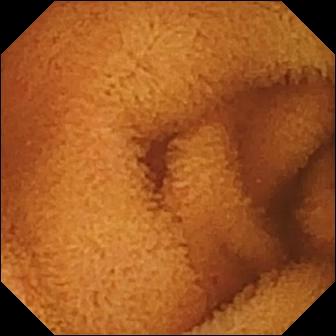Q: What does this small-bowel capsule endoscopy snapshot show?
A: Normal clean mucosa.